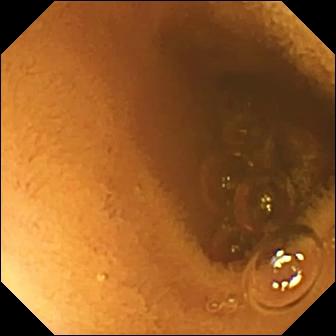Wireless capsule endoscopy. Impression: normal clean mucosa.